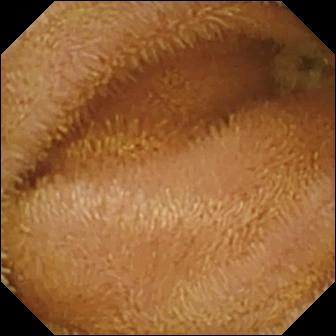Capsule endoscopy. Finding: normal clean mucosa.